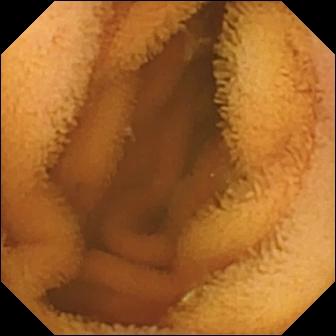Q: What does this VCE image show?
A: Normal clean mucosa.